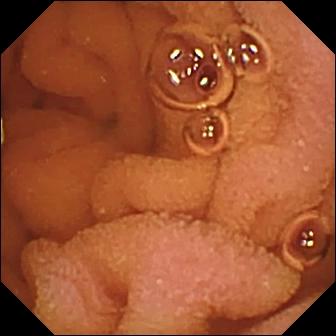VCE still (small bowel). Normal clean mucosa.